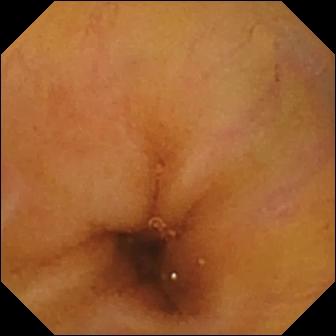Video capsule endoscopy view
Finding: normal clean mucosa